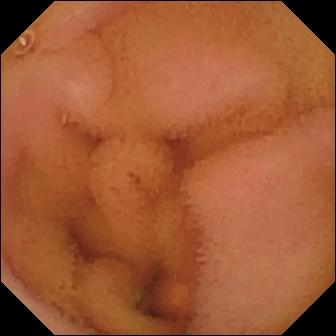Wireless capsule endoscopy still
Finding: normal clean mucosa